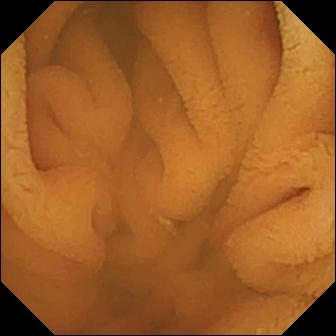Normal clean mucosa — capsule endoscopy frame.